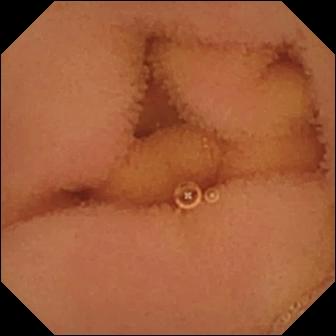Q: What does this VCE frame of the small bowel show?
A: Normal clean mucosa.